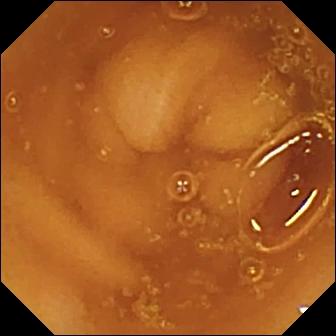Wireless capsule endoscopy snapshot, small intestine
Observation: normal clean mucosa